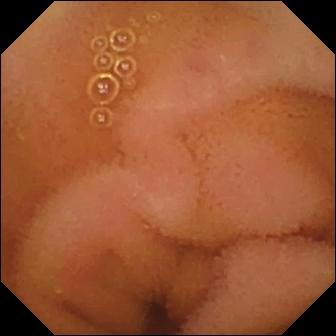{"modality": "video capsule endoscopy", "finding": "normal clean mucosa"}